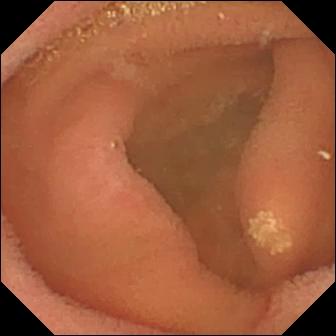- modality: video capsule endoscopy
- category: luminal finding
- label: lymphangiectasia